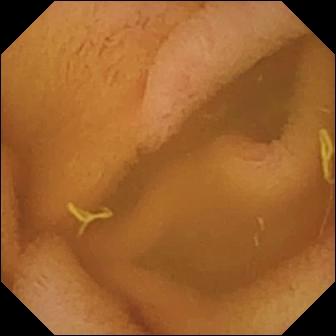Q: What does this small-bowel capsule endoscopy image of the small bowel show?
A: Normal clean mucosa.